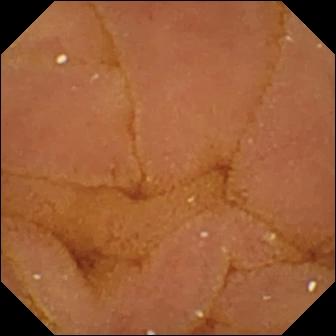Normal clean mucosa — wireless capsule endoscopy snapshot of the small intestine.